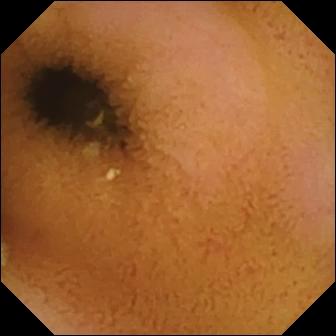Normal clean mucosa — WCE image.